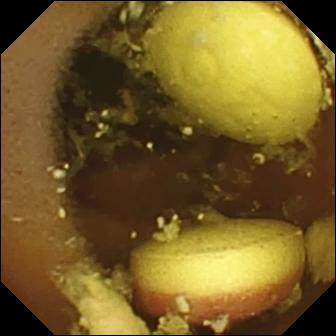- modality: wireless capsule endoscopy
- category: luminal finding
- observation: foreign body (e.g. retained capsule, tablet residue)